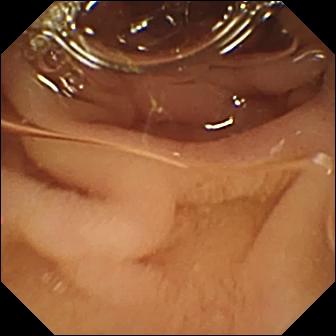Pylorus region (where the capsule passes from the stomach into the small bowel) — capsule endoscopy view.